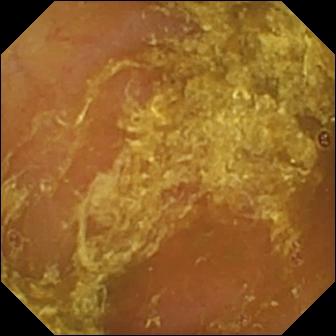Small-bowel capsule endoscopy image showing reduced mucosal view (content or bubbles obscuring the mucosa).